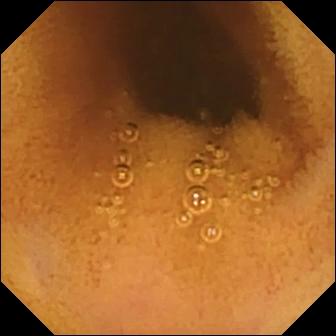This video capsule endoscopy view of the small bowel shows normal clean mucosa.